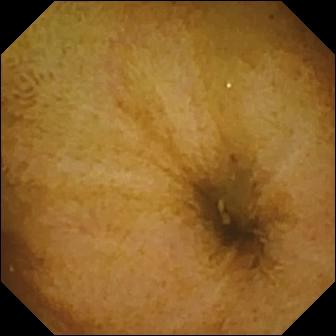This VCE view of the small intestine shows normal clean mucosa.